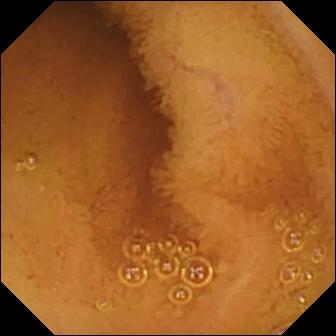This WCE frame of the small intestine shows normal clean mucosa.